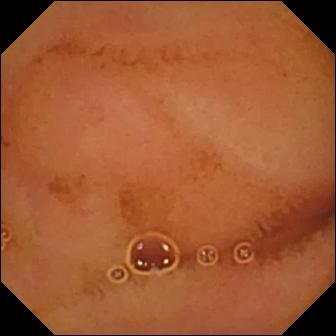{"modality": "VCE", "category": "luminal finding", "finding": "normal clean mucosa"}